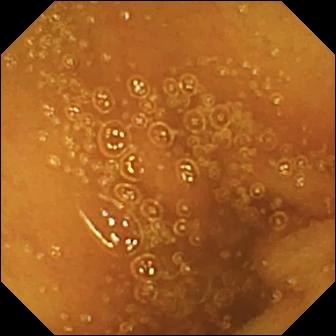Small-bowel capsule endoscopy snapshot
Impression: normal clean mucosa